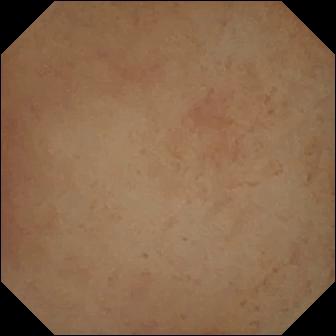Pylorus region — WCE image.